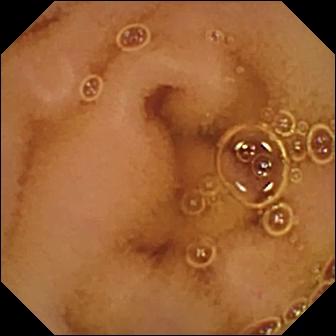Q: What does this wireless capsule endoscopy snapshot of the small bowel show?
A: Normal clean mucosa.